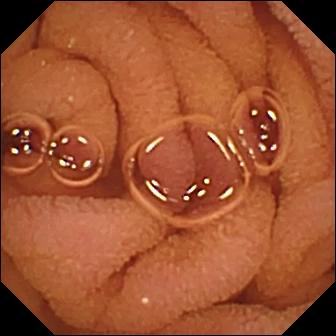PROCEDURE: Video capsule endoscopy.
FINDINGS: Normal clean mucosa.